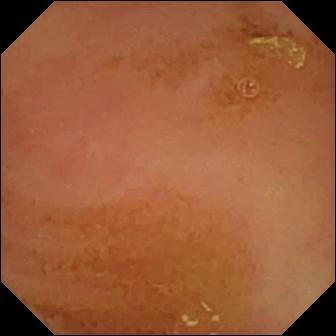Normal clean mucosa — capsule endoscopy image of the small bowel.